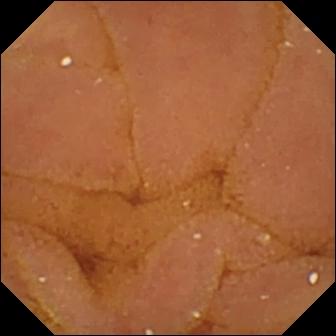Q: What does this small-bowel capsule endoscopy snapshot of the small bowel show?
A: Normal clean mucosa.